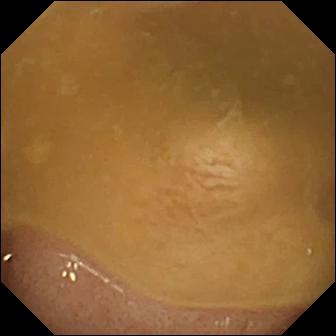modality: wireless capsule endoscopy
location: ileo-cecal valve region (the transition from the small bowel to the large bowel)